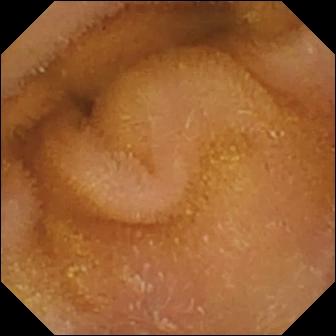Normal clean mucosa — video capsule endoscopy frame of the small bowel.